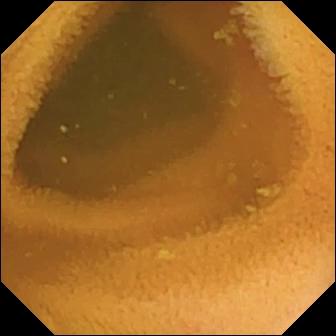modality: VCE | segment: small intestine | category: luminal finding | finding: normal clean mucosa